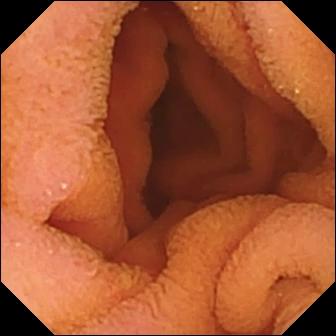PROCEDURE: Capsule endoscopy.
SEGMENT: Small intestine.
FINDINGS: Normal clean mucosa.